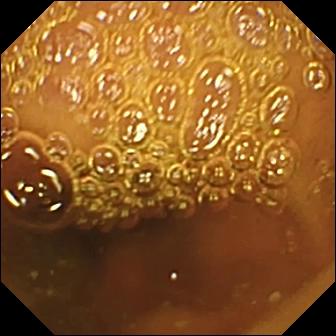Q: What does this WCE still show?
A: Normal clean mucosa.